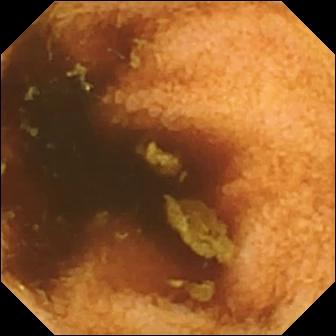modality: capsule endoscopy
segment: small bowel
impression: normal clean mucosa